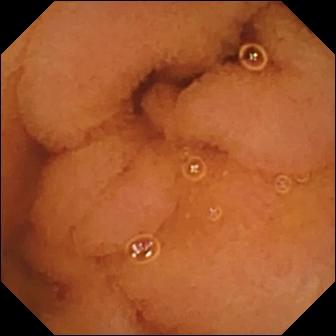- modality: small-bowel capsule endoscopy
- finding: normal clean mucosa